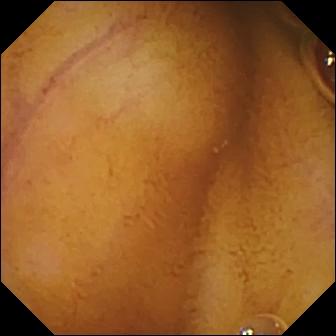Normal clean mucosa — capsule endoscopy image of the small bowel.